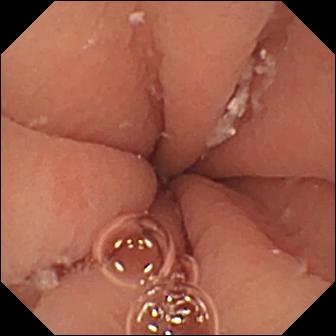Video capsule endoscopy image
Position: pylorus region